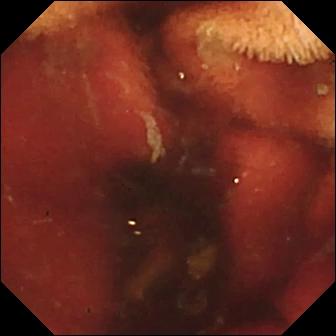{"modality": "capsule endoscopy", "finding": "fresh blood in the lumen"}